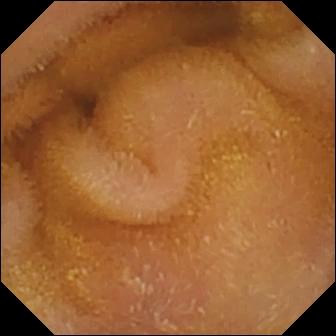- modality: capsule endoscopy
- segment: small intestine
- impression: normal clean mucosa